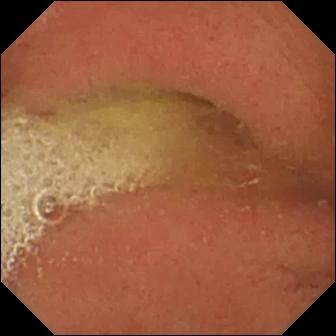Small-bowel capsule endoscopy still taken in the pylorus region.